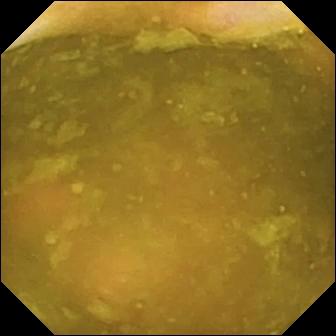- modality: small-bowel capsule endoscopy
- location: ileo-cecal valve region (where the capsule passes from the small bowel into the large bowel)